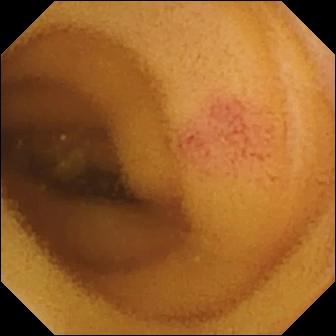PROCEDURE: Small-bowel capsule endoscopy.
FINDINGS: Angiectasia.